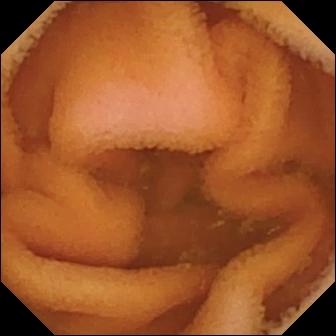This small-bowel capsule endoscopy still shows normal clean mucosa.